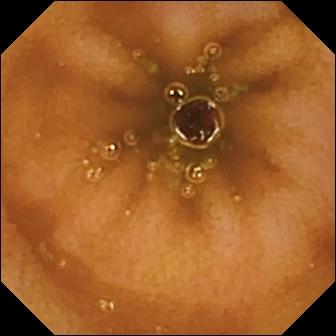Capsule endoscopy view showing normal clean mucosa.